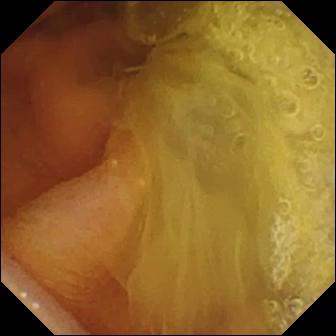Q: What does this VCE image show?
A: Normal clean mucosa.